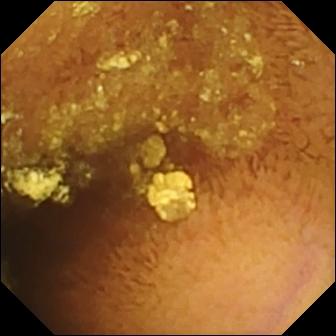{"modality": "VCE", "finding": "normal clean mucosa"}